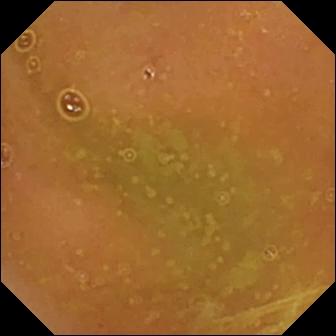Normal clean mucosa — VCE frame.